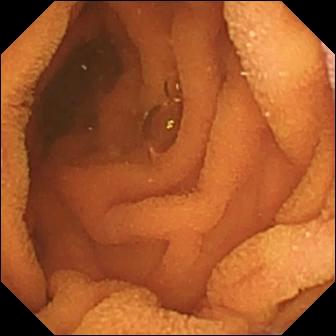Capsule endoscopy frame of the small intestine showing normal clean mucosa.